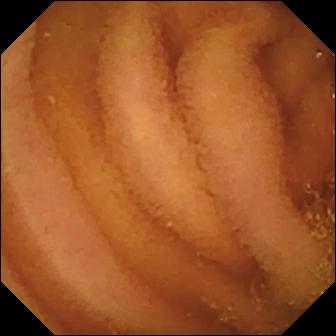Wireless capsule endoscopy frame
Impression: normal clean mucosa